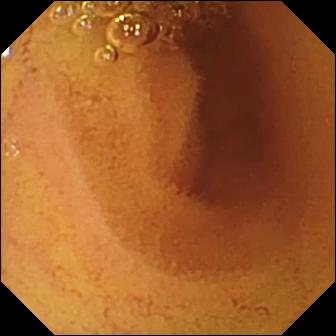PROCEDURE: Small-bowel capsule endoscopy.
SEGMENT: Small bowel.
FINDINGS: Normal clean mucosa.